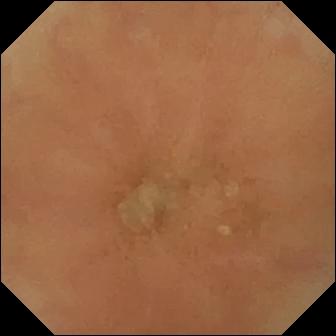Q: What does this capsule endoscopy view show?
A: Normal clean mucosa.